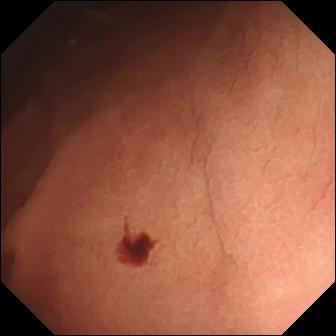Angiectasia — wireless capsule endoscopy still.